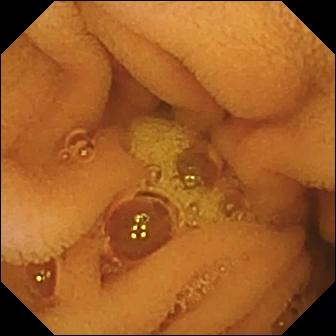Q: What does this capsule endoscopy still show?
A: Normal clean mucosa.